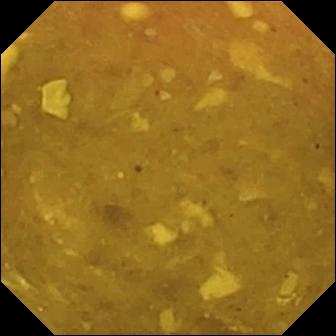This capsule endoscopy frame shows reduced mucosal view (content or bubbles obscuring the mucosa).